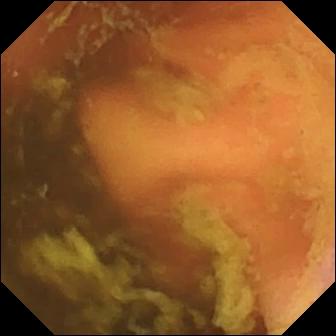- modality: video capsule endoscopy
- label: ileo-cecal valve region (where the capsule passes from the small bowel into the large bowel)